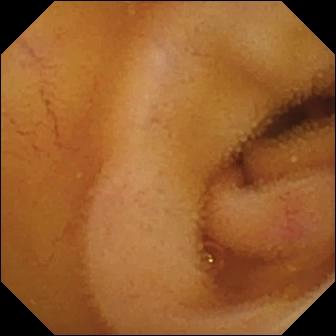This capsule endoscopy still shows angiectasia.